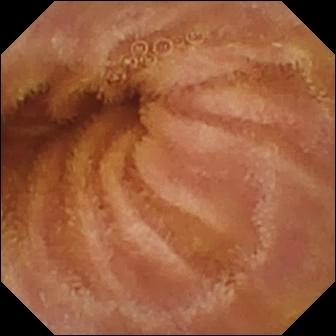modality: small-bowel capsule endoscopy
finding: normal clean mucosa